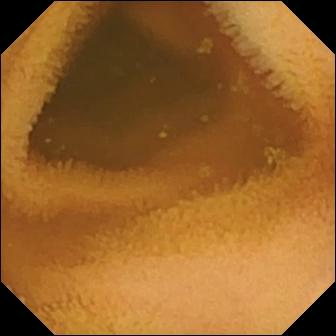Q: What does this WCE image of the small intestine show?
A: Normal clean mucosa.